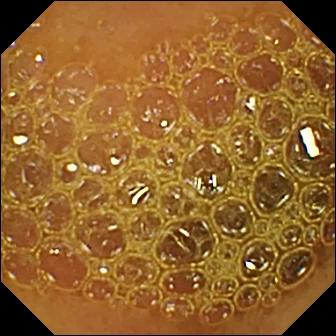Video capsule endoscopy frame (small bowel). Reduced mucosal view (content or bubbles obscuring the mucosa).